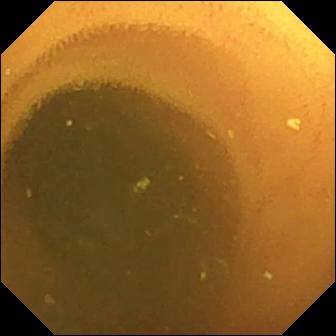Video capsule endoscopy view (small bowel). Normal clean mucosa.